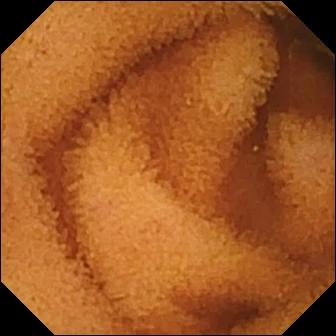Normal clean mucosa.